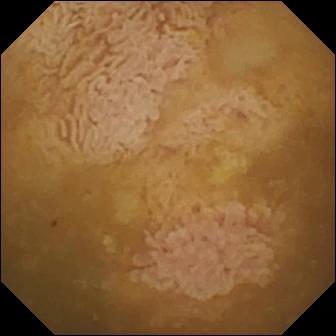Video capsule endoscopy. Location: ileo-cecal valve region (where the capsule passes from the small bowel into the large bowel).